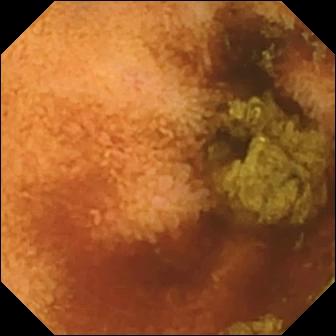Wireless capsule endoscopy image
Observation: normal clean mucosa